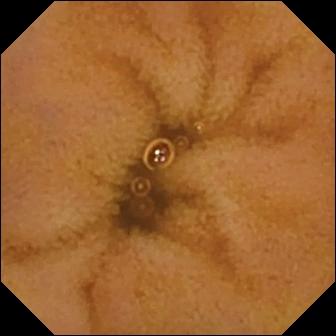VCE view of the small intestine showing normal clean mucosa.